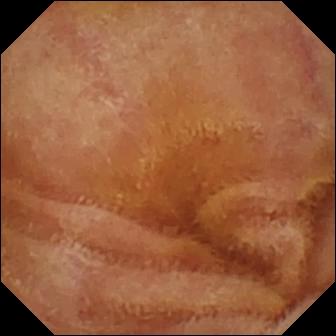Normal clean mucosa — VCE snapshot.